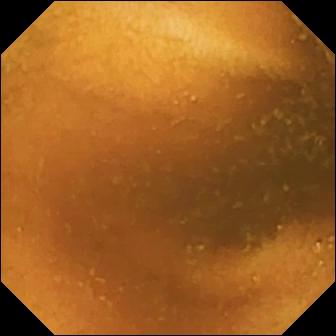{"modality": "video capsule endoscopy", "finding": "normal clean mucosa"}